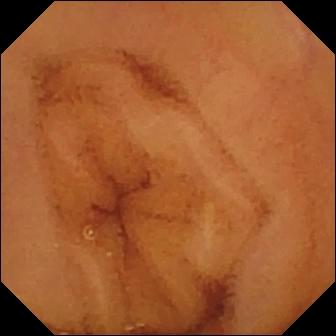Q: What does this VCE image show?
A: Normal clean mucosa.